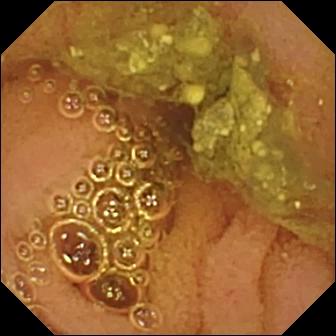This small-bowel capsule endoscopy still of the small bowel shows normal clean mucosa.